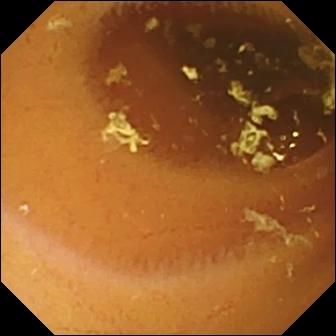{"modality": "video capsule endoscopy", "segment": "small intestine", "finding": "normal clean mucosa"}